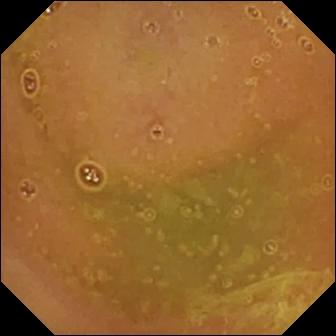- modality: capsule endoscopy
- segment: small intestine
- category: luminal finding
- impression: normal clean mucosa